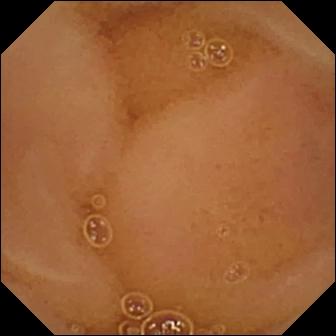- modality: small-bowel capsule endoscopy
- segment: small bowel
- category: luminal finding
- label: normal clean mucosa